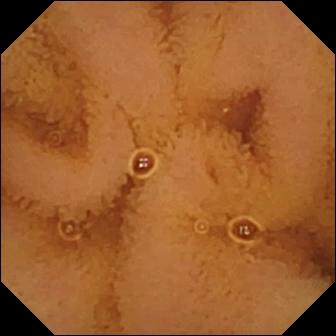Normal clean mucosa (336×336).